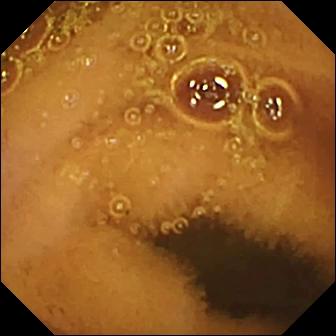VCE — normal clean mucosa.